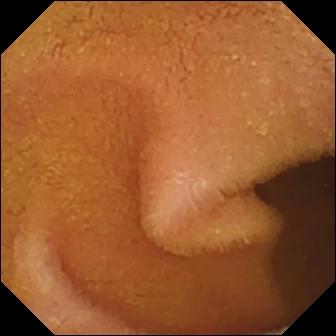{"modality": "video capsule endoscopy", "finding": "normal clean mucosa"}